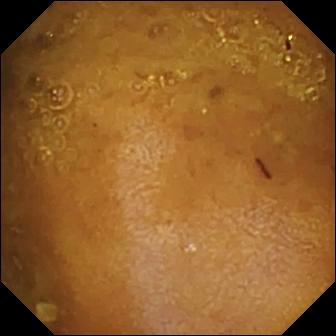Capsule endoscopy view (small intestine). Reduced mucosal view (content or bubbles obscuring the mucosa).